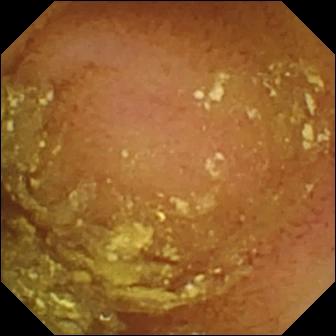Normal clean mucosa — VCE snapshot.